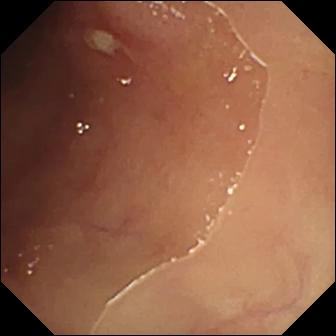Ulcer.